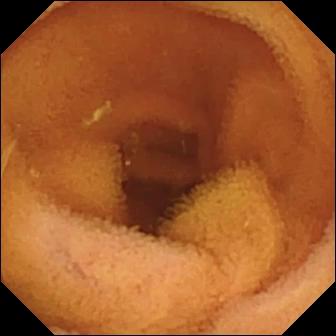Normal clean mucosa — video capsule endoscopy still.